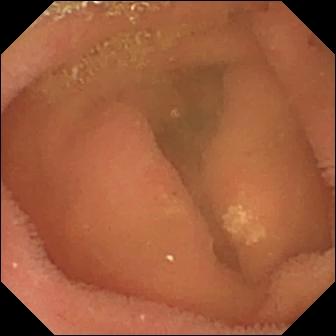{"modality": "capsule endoscopy", "finding": "lymphangiectasia"}